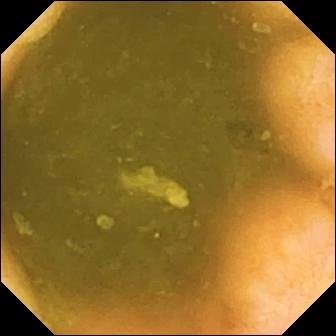This capsule endoscopy image was taken in the ileo-cecal valve region.